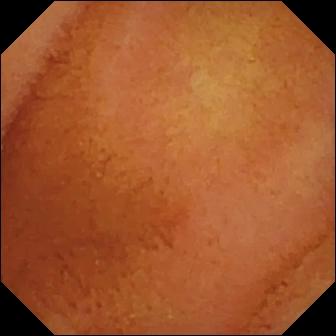WCE snapshot (small intestine). Normal clean mucosa.